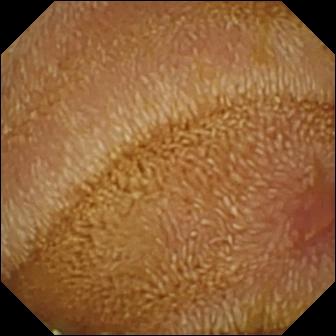Q: What does this small-bowel capsule endoscopy view show?
A: Erosion.